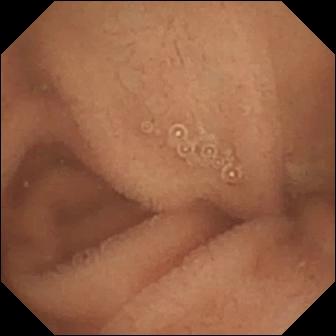This capsule endoscopy frame of the small intestine shows normal clean mucosa.